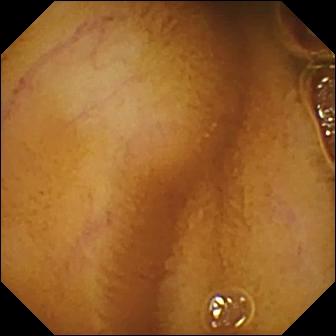modality: WCE
segment: small bowel
observation: normal clean mucosa